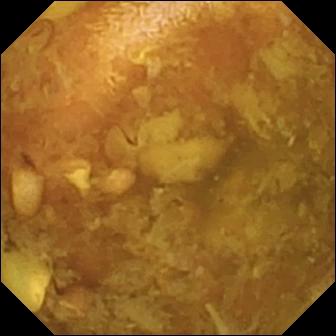modality: video capsule endoscopy; segment: small intestine; impression: reduced mucosal view (content or bubbles obscuring the mucosa)